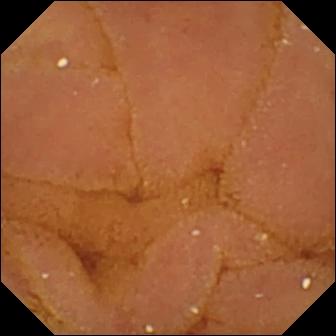modality: VCE | segment: small bowel | label: normal clean mucosa